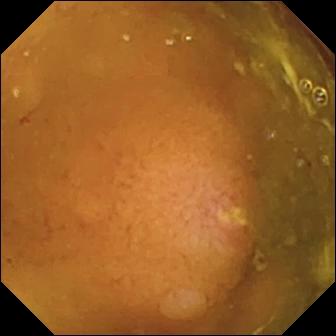VCE — ulcer.